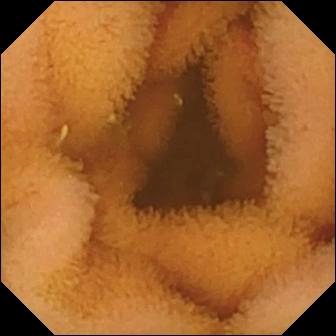Q: What does this capsule endoscopy still of the small bowel show?
A: Normal clean mucosa.